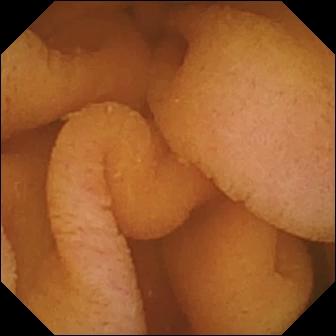Q: What does this small-bowel capsule endoscopy view show?
A: Normal clean mucosa.